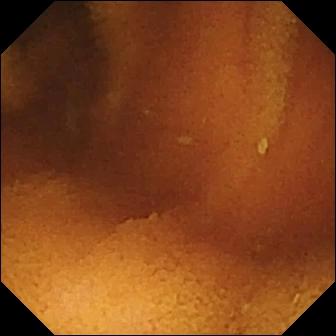PROCEDURE: Capsule endoscopy.
SEGMENT: Small intestine.
FINDINGS: Normal clean mucosa.